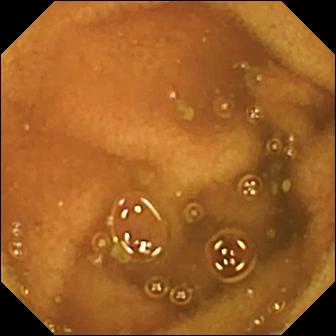WCE still, 336×336. Normal clean mucosa.